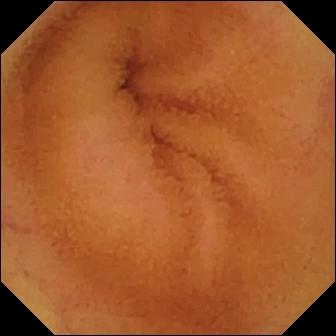modality: wireless capsule endoscopy | segment: small intestine | category: luminal finding | label: normal clean mucosa